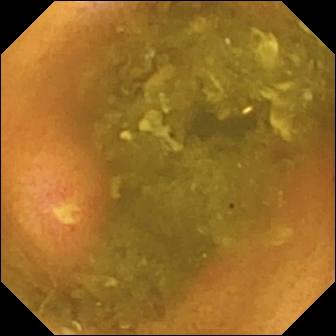Ulcer — small-bowel capsule endoscopy image.